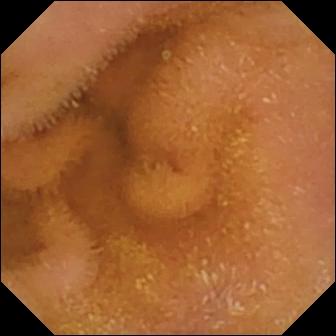Normal clean mucosa — wireless capsule endoscopy frame of the small intestine.